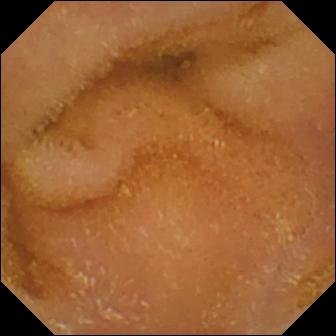PROCEDURE: Video capsule endoscopy.
SEGMENT: Small intestine.
FINDINGS: Normal clean mucosa.